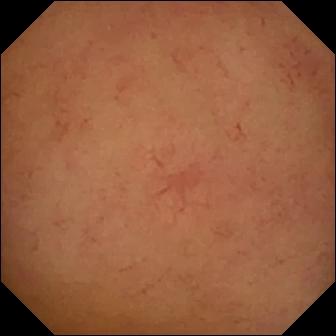Video capsule endoscopy snapshot, small intestine
Finding: normal clean mucosa